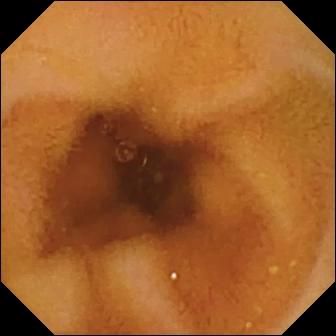Normal clean mucosa — VCE snapshot.